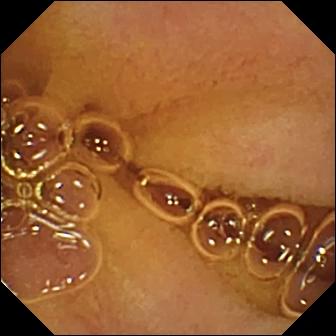Wireless capsule endoscopy view, small bowel
Finding: normal clean mucosa